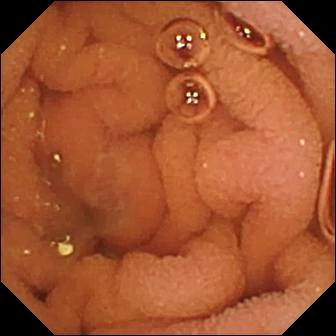Capsule endoscopy snapshot (small bowel). Normal clean mucosa.